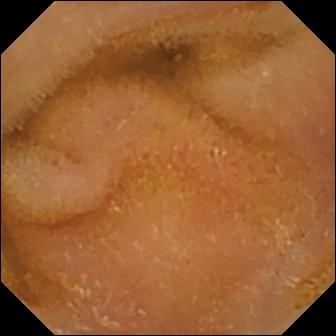Small-bowel capsule endoscopy — normal clean mucosa.